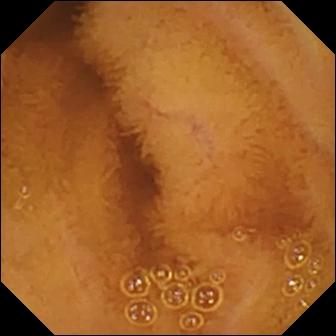Q: What does this small-bowel capsule endoscopy image show?
A: Normal clean mucosa.